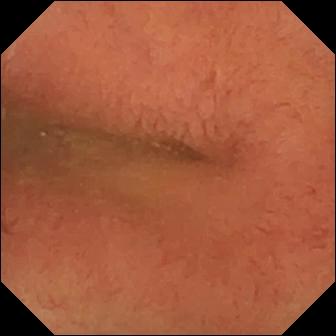Pylorus region (where the capsule passes from the stomach into the small bowel).